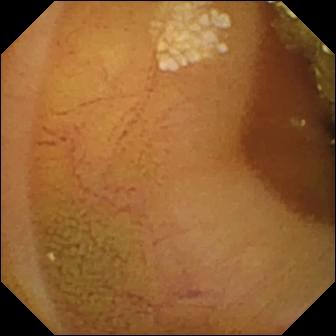modality: wireless capsule endoscopy; impression: lymphangiectasia